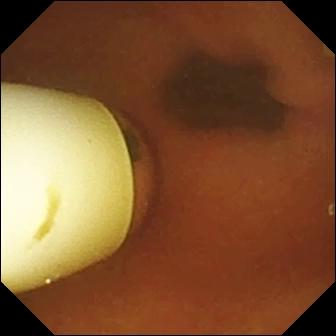- modality: video capsule endoscopy
- label: foreign body (e.g. retained capsule, tablet residue)